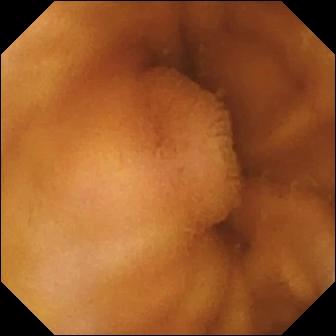modality: small-bowel capsule endoscopy
impression: normal clean mucosa